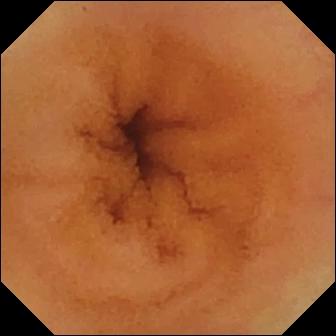Capsule endoscopy view
Impression: normal clean mucosa